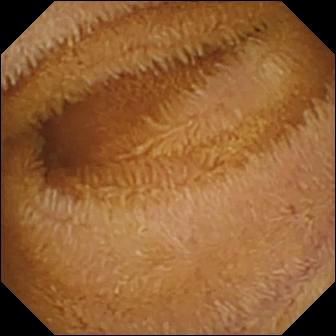WCE frame of the small intestine showing normal clean mucosa.